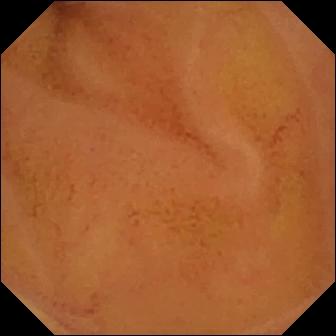{"modality": "WCE", "category": "luminal finding", "finding": "normal clean mucosa"}